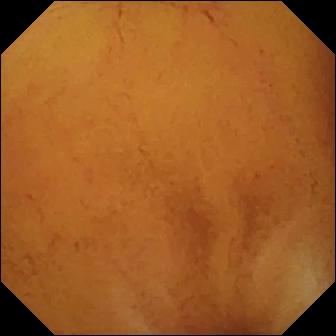Q: What does this capsule endoscopy view show?
A: Normal clean mucosa.